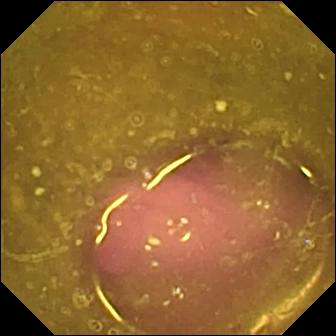PROCEDURE: Video capsule endoscopy.
SEGMENT: Small intestine.
FINDINGS: Reduced mucosal view (content or bubbles obscuring the mucosa).